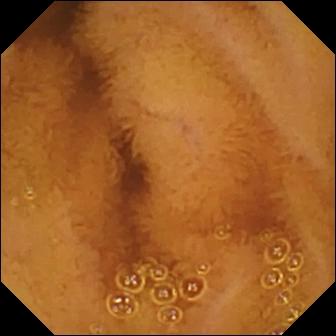- modality: wireless capsule endoscopy
- impression: normal clean mucosa